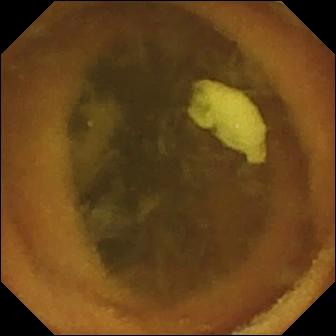This wireless capsule endoscopy snapshot shows normal clean mucosa.